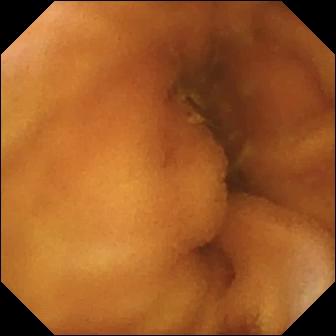Normal clean mucosa — WCE snapshot of the small intestine.